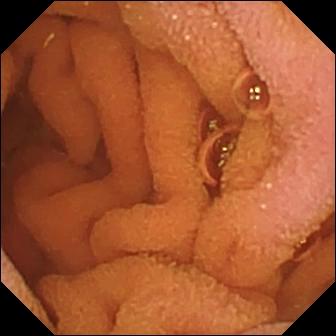Small-bowel capsule endoscopy view (small intestine). Normal clean mucosa.